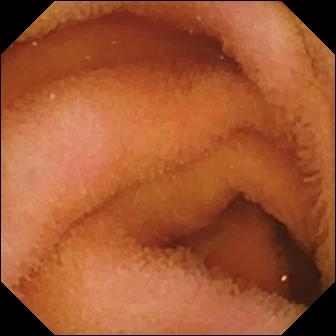Capsule endoscopy snapshot, small bowel
Observation: normal clean mucosa